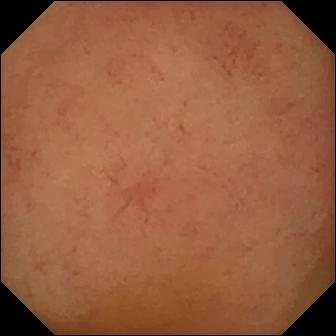This WCE frame shows normal clean mucosa.